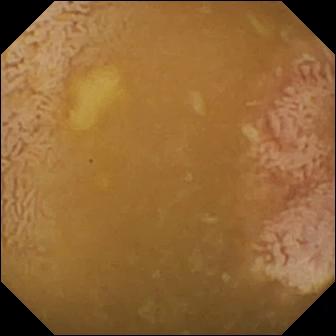modality: capsule endoscopy; position: ileo-cecal valve region (where the capsule passes from the small bowel into the large bowel)